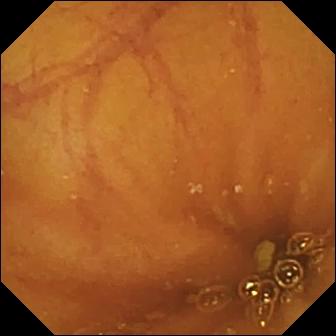Ileo-cecal valve region — capsule endoscopy still.